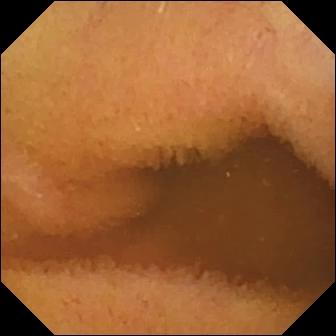Video capsule endoscopy. Small bowel. Luminal finding. Label: normal clean mucosa.